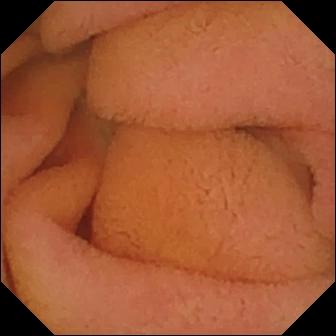WCE — normal clean mucosa.